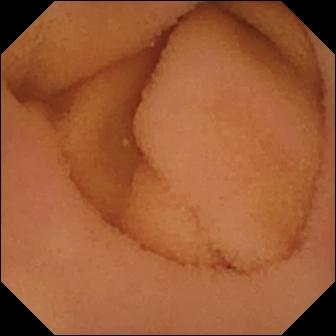- modality: WCE
- segment: small bowel
- impression: normal clean mucosa